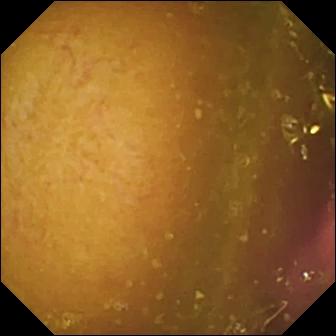Wireless capsule endoscopy frame, small bowel
Observation: reduced mucosal view (content or bubbles obscuring the mucosa)